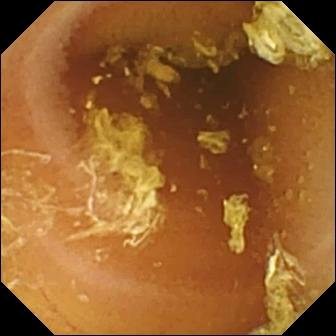WCE. Luminal finding. Impression: normal clean mucosa.